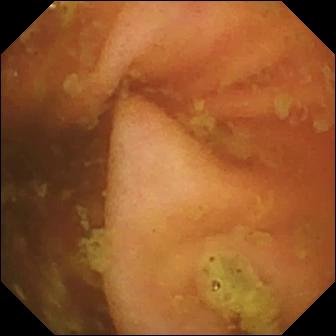Capsule endoscopy snapshot
Location: ileo-cecal valve region (the transition from the small bowel to the large bowel)